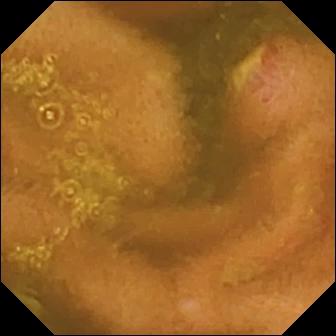VCE still
Impression: ulcer